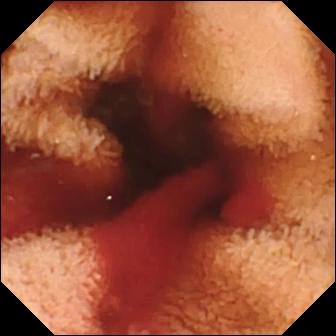PROCEDURE: WCE.
FINDINGS: Fresh blood in the lumen.